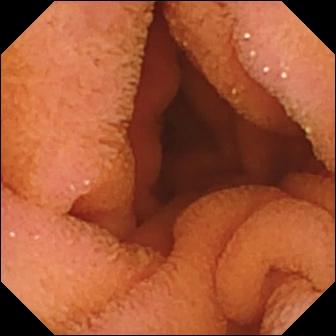WCE. Small intestine. Label: normal clean mucosa.